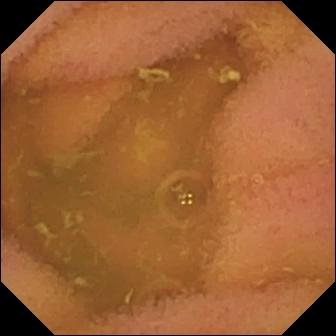Video capsule endoscopy frame (small intestine), 336×336. Normal clean mucosa.